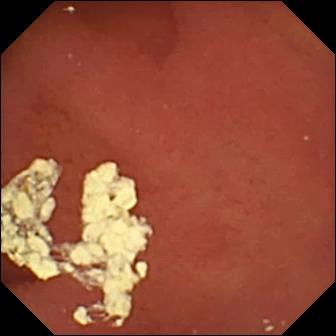PROCEDURE: WCE.
LABEL: Pylorus region (where the capsule passes from the stomach into the small bowel).